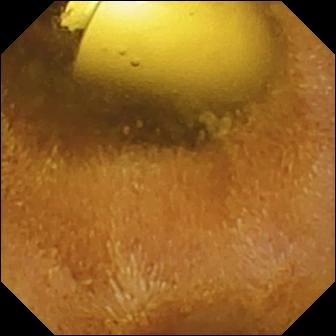{"modality": "WCE", "finding": "foreign body (e.g. retained capsule, tablet residue)"}